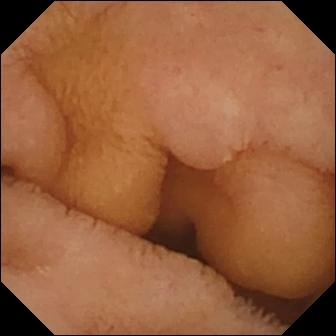PROCEDURE: Capsule endoscopy.
FINDINGS: Normal clean mucosa.